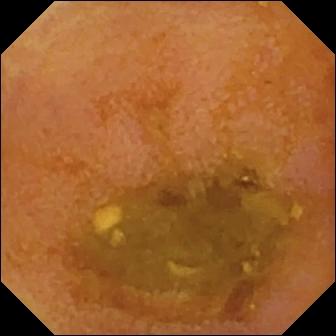Capsule endoscopy still of the small bowel showing reduced mucosal view (content or bubbles obscuring the mucosa).